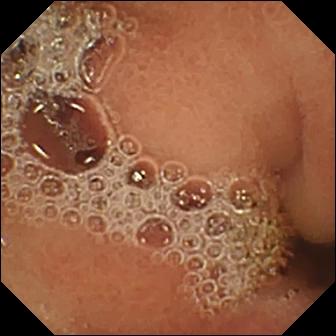Normal clean mucosa — VCE image.